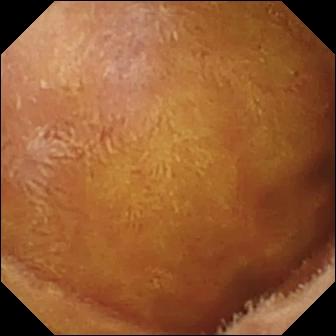VCE. Label: normal clean mucosa.